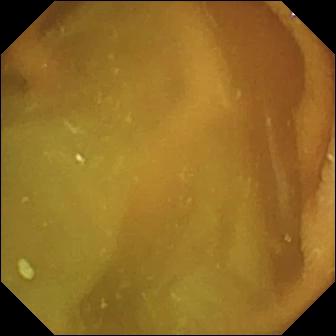PROCEDURE: WCE.
FINDINGS: Normal clean mucosa.